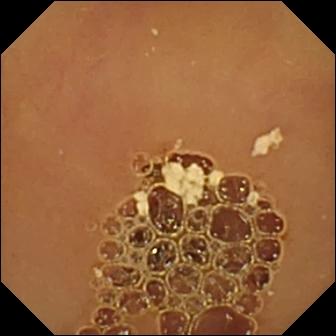Normal clean mucosa — capsule endoscopy snapshot of the small intestine.